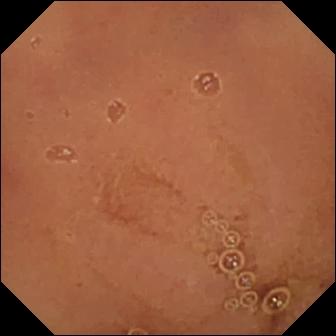This WCE image shows normal clean mucosa.